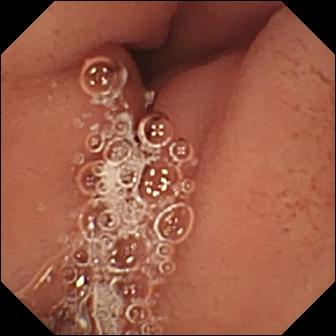{"modality": "wireless capsule endoscopy", "label": "pylorus region (where the capsule passes from the stomach into the small bowel)"}